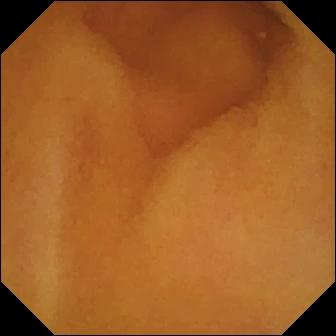Wireless capsule endoscopy — normal clean mucosa.